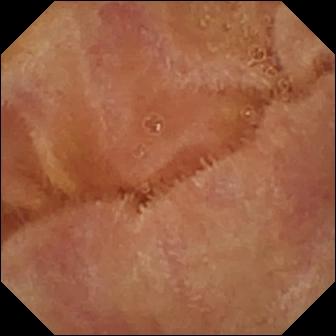Normal clean mucosa.